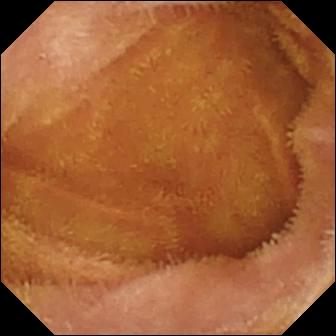Q: What does this WCE image of the small intestine show?
A: Normal clean mucosa.